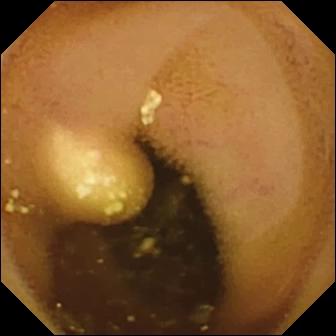Q: What does this VCE view show?
A: Lymphangiectasia.